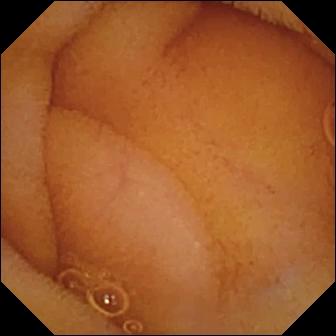Capsule endoscopy. Observation: normal clean mucosa.